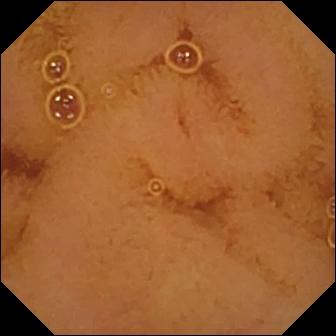modality: capsule endoscopy; finding: normal clean mucosa